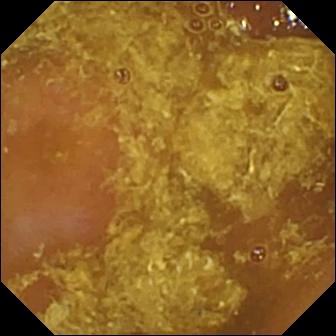Reduced mucosal view (content or bubbles obscuring the mucosa) — small-bowel capsule endoscopy view of the small bowel.